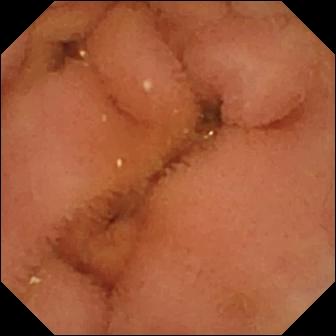Normal clean mucosa.